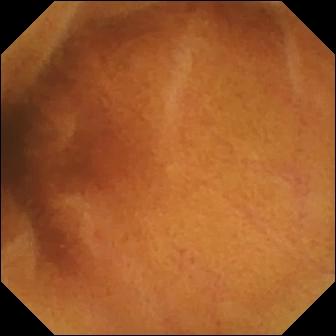Video capsule endoscopy view showing normal clean mucosa.